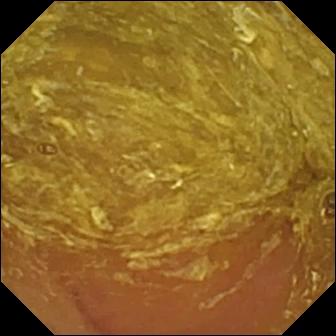Wireless capsule endoscopy view of the small intestine showing reduced mucosal view (content or bubbles obscuring the mucosa).